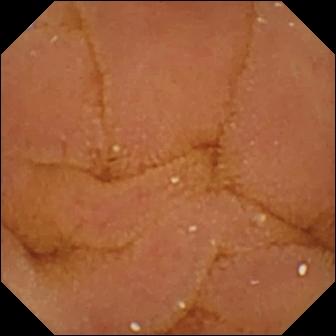PROCEDURE: Video capsule endoscopy.
SEGMENT: Small bowel.
FINDINGS: Normal clean mucosa.